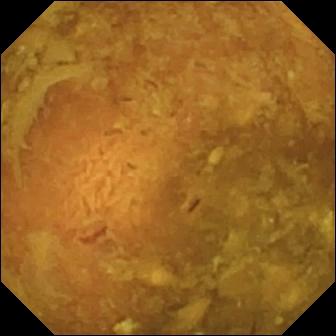Wireless capsule endoscopy image of the small bowel showing reduced mucosal view (content or bubbles obscuring the mucosa).